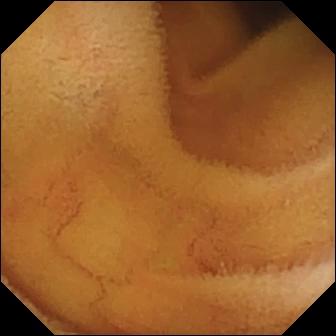This small-bowel capsule endoscopy image of the small bowel shows normal clean mucosa.